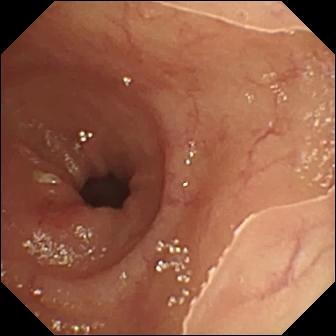Small-bowel capsule endoscopy view. Ulcer.